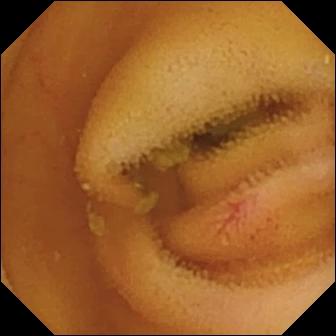VCE frame
Finding: angiectasia